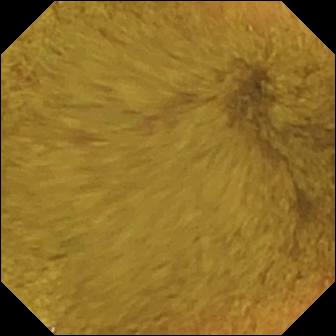Ileo-cecal valve region (where the capsule passes from the small bowel into the large bowel).